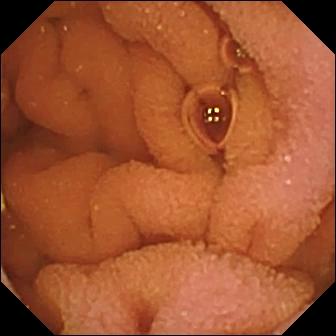Q: What does this video capsule endoscopy frame of the small intestine show?
A: Normal clean mucosa.